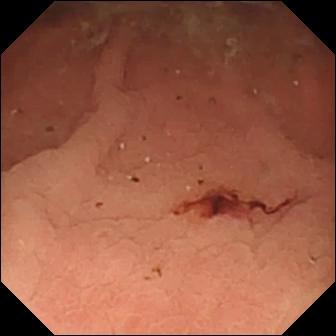modality: WCE; finding: fresh blood in the lumen